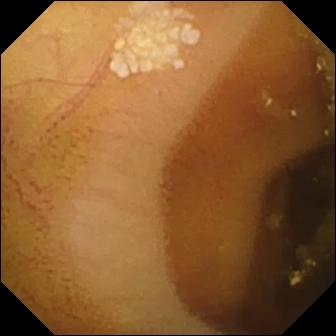Lymphangiectasia — wireless capsule endoscopy snapshot.